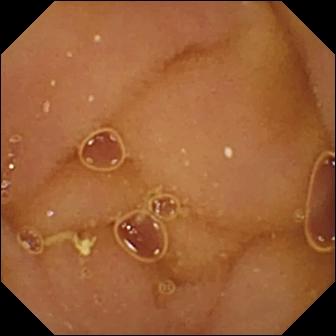PROCEDURE: Video capsule endoscopy.
FINDINGS: Normal clean mucosa.